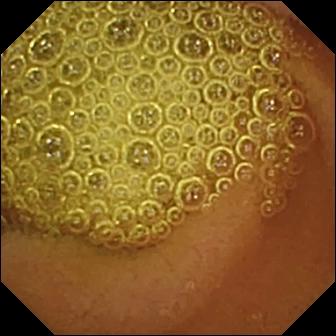Wireless capsule endoscopy snapshot, small intestine
Observation: normal clean mucosa